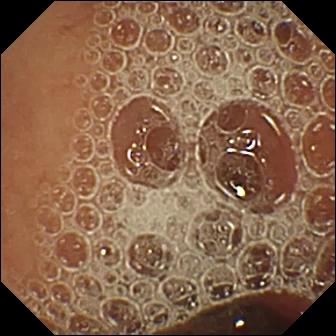WCE snapshot. Normal clean mucosa.